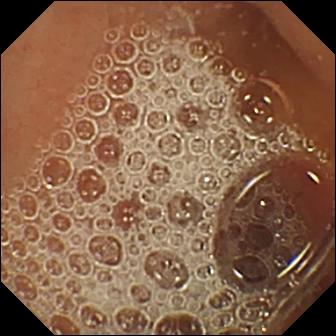- modality: WCE
- label: normal clean mucosa